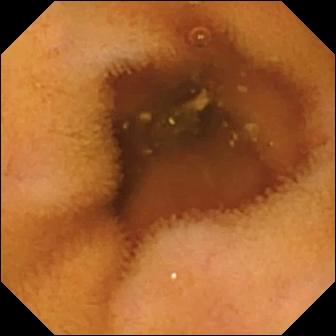Video capsule endoscopy. Small intestine. Finding: normal clean mucosa.